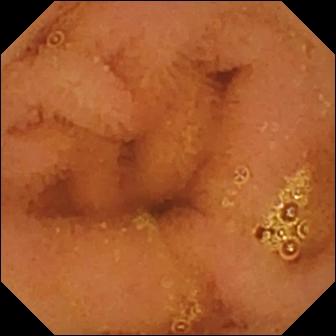Small-bowel capsule endoscopy — normal clean mucosa.